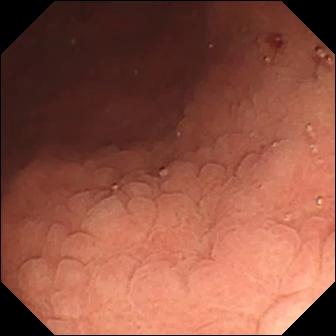Small-bowel capsule endoscopy still showing angiectasia.